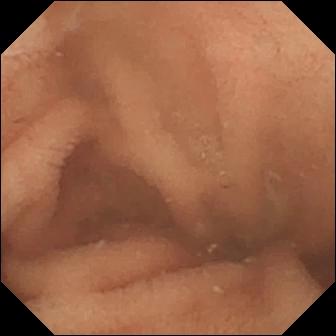Video capsule endoscopy image
Label: normal clean mucosa